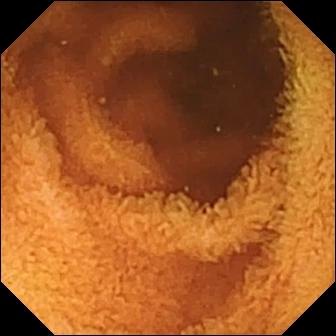VCE — normal clean mucosa.